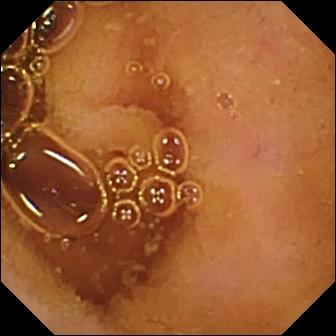Wireless capsule endoscopy snapshot. Normal clean mucosa.